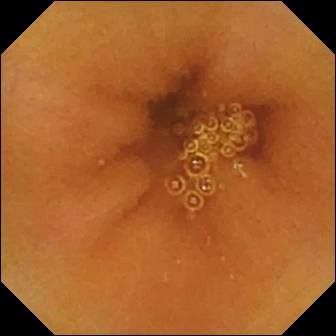Video capsule endoscopy image. Normal clean mucosa.